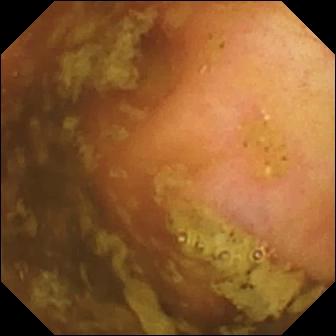PROCEDURE: Capsule endoscopy.
LOCATION: Ileo-cecal valve region (the transition from the small bowel to the large bowel).